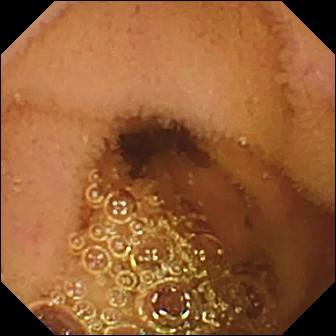Wireless capsule endoscopy — normal clean mucosa.